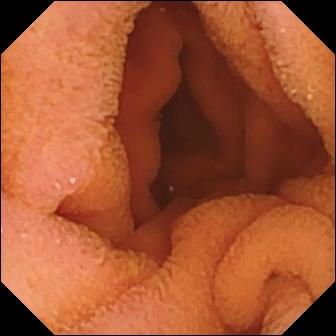Q: What does this video capsule endoscopy image of the small bowel show?
A: Normal clean mucosa.